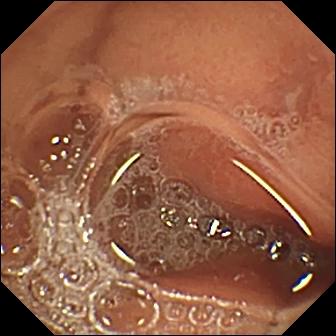- modality: video capsule endoscopy
- label: erosion